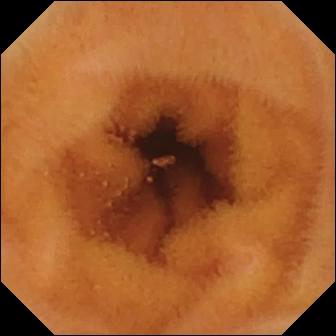Wireless capsule endoscopy — normal clean mucosa.